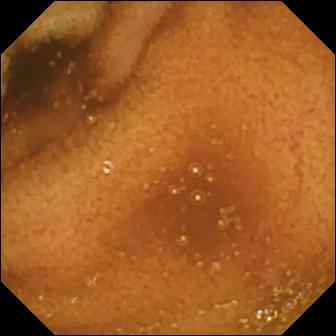modality: VCE
category: luminal finding
observation: normal clean mucosa